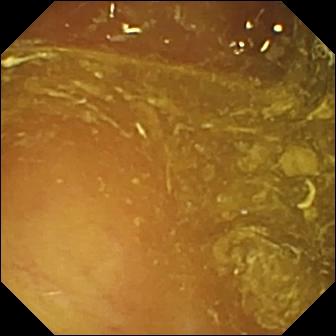PROCEDURE: WCE.
LABEL: Ileo-cecal valve region.